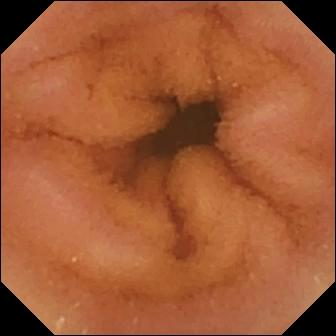{"modality": "VCE", "segment": "small intestine", "finding": "normal clean mucosa"}